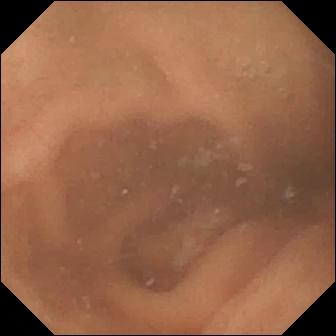- modality: small-bowel capsule endoscopy
- observation: normal clean mucosa